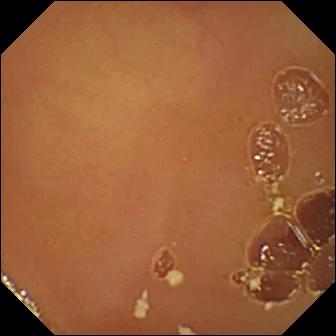{"modality": "small-bowel capsule endoscopy", "segment": "small bowel", "finding": "normal clean mucosa"}